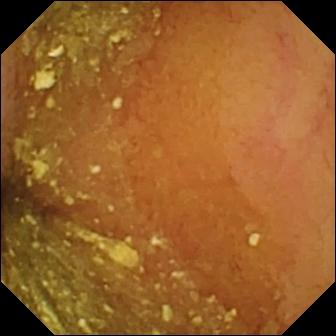WCE. Label: normal clean mucosa.